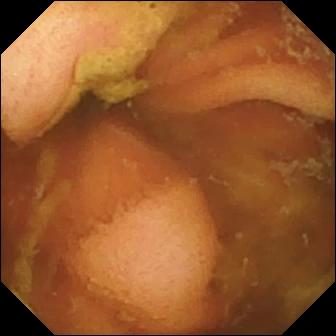WCE — ileo-cecal valve region.